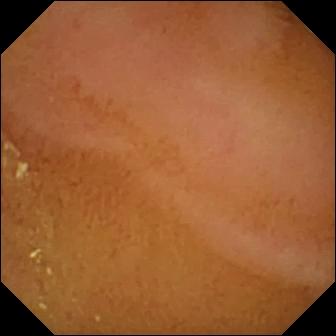Wireless capsule endoscopy image of the small intestine showing normal clean mucosa.